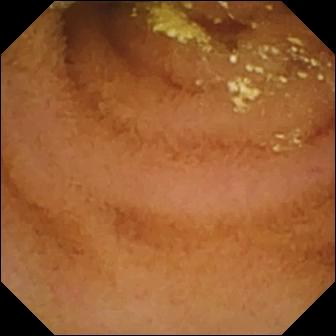Q: What does this wireless capsule endoscopy frame of the small intestine show?
A: Normal clean mucosa.